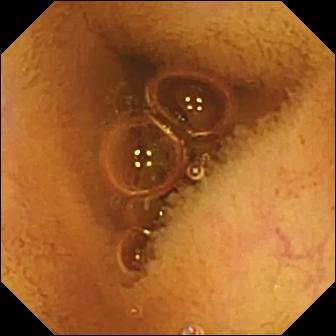Wireless capsule endoscopy image showing normal clean mucosa.